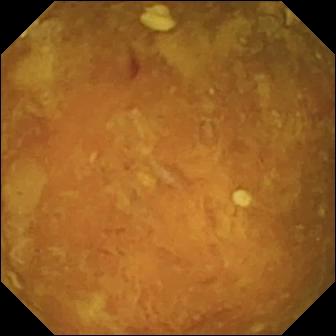Video capsule endoscopy still of the small bowel showing reduced mucosal view (content or bubbles obscuring the mucosa).